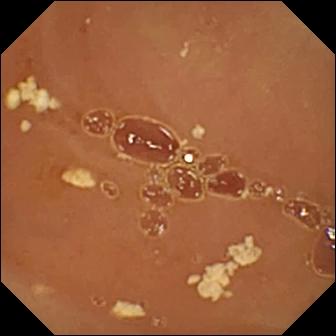Normal clean mucosa — VCE image.